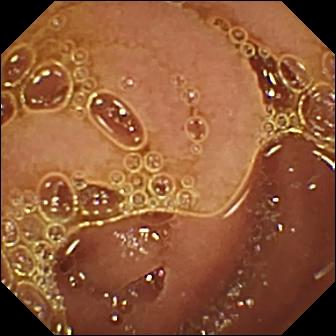Wireless capsule endoscopy view (small bowel). Normal clean mucosa.